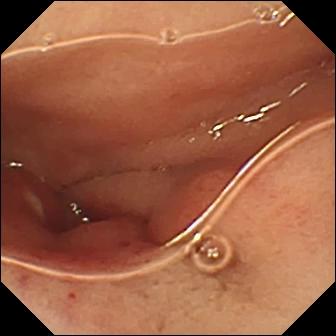This capsule endoscopy frame shows ulcer.